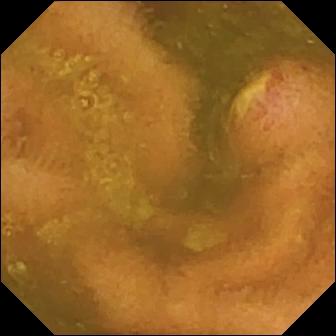modality: capsule endoscopy; impression: ulcer